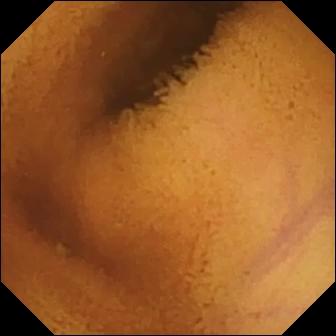PROCEDURE: Capsule endoscopy.
SEGMENT: Small bowel.
FINDINGS: Normal clean mucosa.